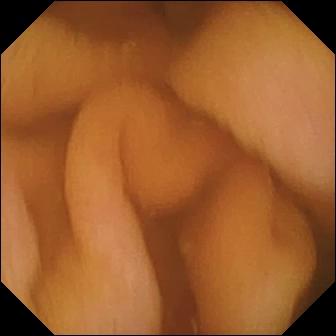Normal clean mucosa — wireless capsule endoscopy view.